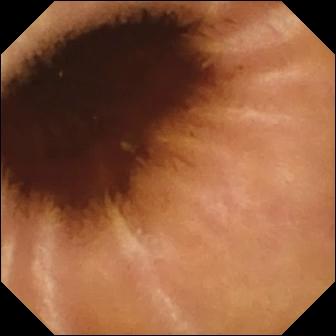VCE frame
Impression: normal clean mucosa